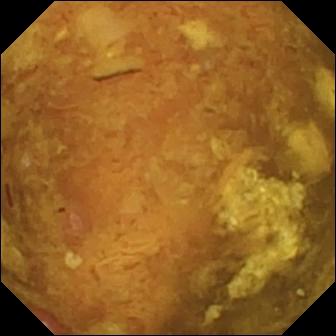PROCEDURE: Capsule endoscopy.
SEGMENT: Small intestine.
FINDINGS: Reduced mucosal view (content or bubbles obscuring the mucosa).